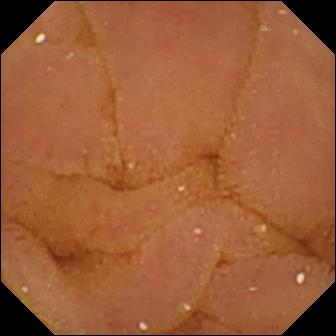Wireless capsule endoscopy view. Normal clean mucosa.